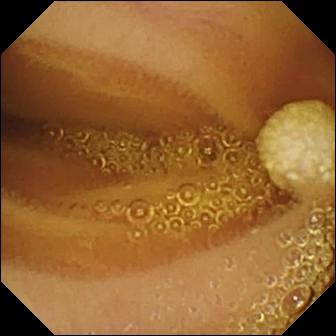Lymphangiectasia.